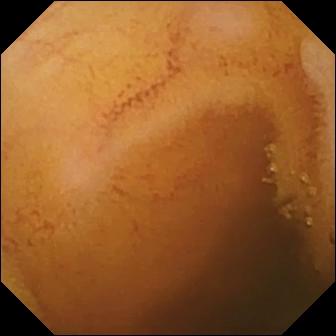WCE — normal clean mucosa.